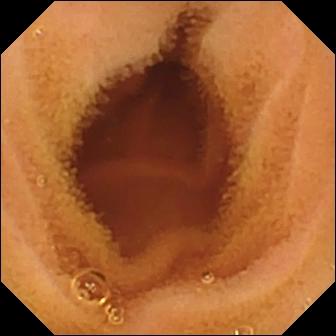Normal clean mucosa — small-bowel capsule endoscopy view of the small intestine.